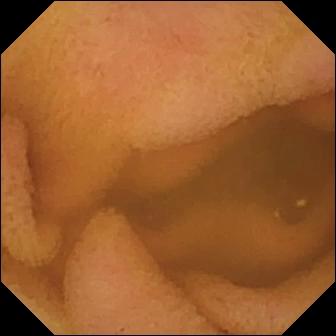{"modality": "VCE", "finding": "normal clean mucosa"}